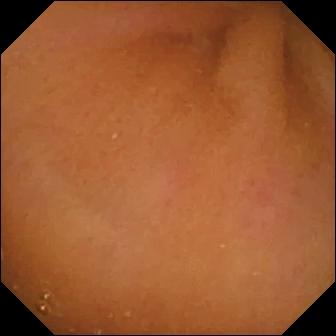Normal clean mucosa (336×336).